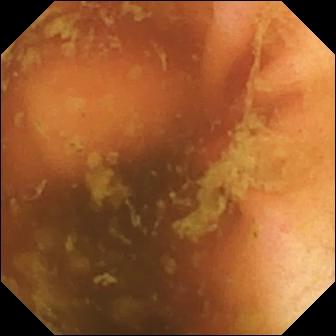This WCE still was taken in the ileo-cecal valve region (where the capsule passes from the small bowel into the large bowel).